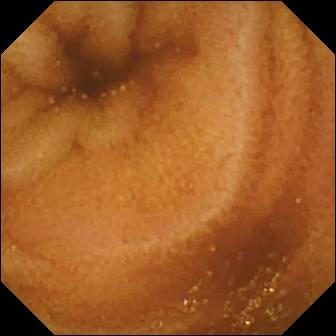modality: wireless capsule endoscopy
segment: small bowel
impression: normal clean mucosa